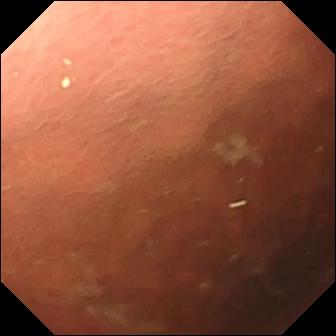Small-bowel capsule endoscopy — pylorus region.